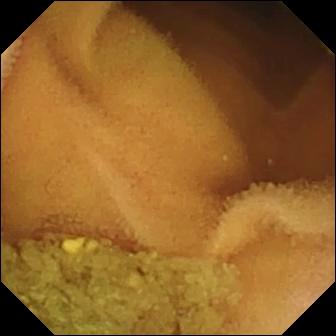Capsule endoscopy — normal clean mucosa.